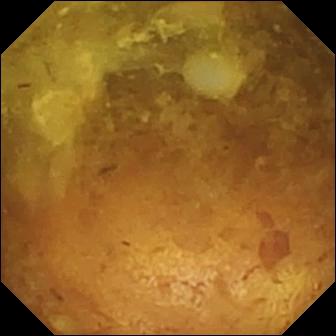VCE still, small intestine
Observation: reduced mucosal view (content or bubbles obscuring the mucosa)